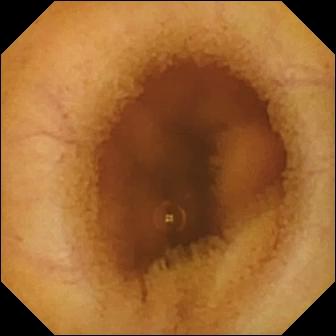This WCE still of the small bowel shows normal clean mucosa.